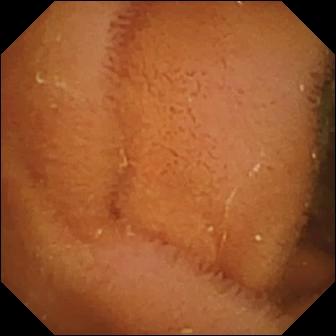{"modality": "WCE", "segment": "small bowel", "finding": "normal clean mucosa"}